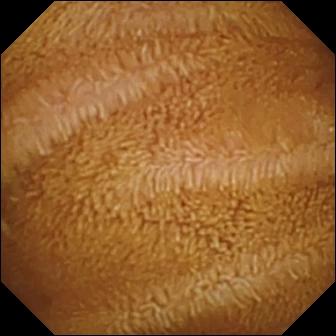{"modality": "wireless capsule endoscopy", "category": "luminal finding", "finding": "normal clean mucosa"}